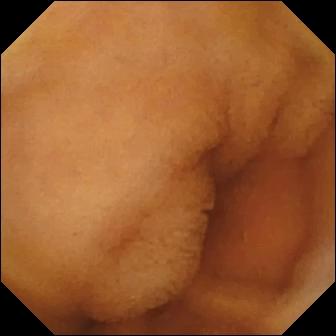Small-bowel capsule endoscopy image showing normal clean mucosa.